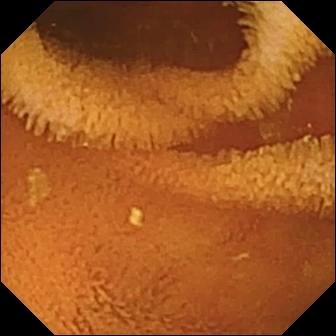Wireless capsule endoscopy frame showing normal clean mucosa.